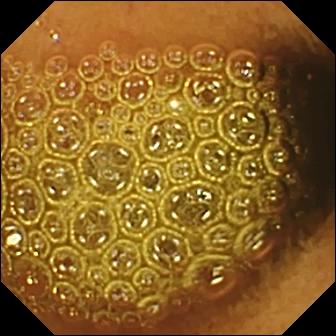VCE — reduced mucosal view (content or bubbles obscuring the mucosa).